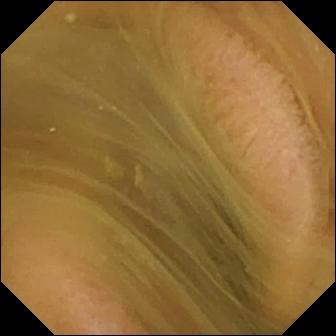{"modality": "video capsule endoscopy", "segment": "small intestine", "finding": "normal clean mucosa"}